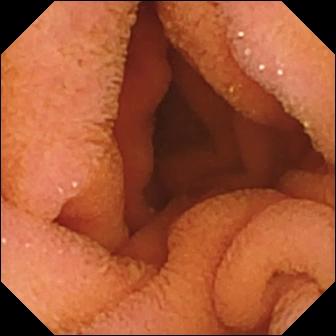WCE still
Label: normal clean mucosa